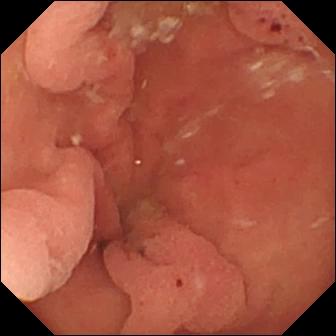WCE. Label: hematin (altered blood) on the mucosal surface.